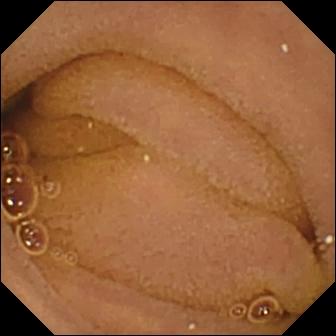PROCEDURE: VCE.
FINDINGS: Normal clean mucosa.